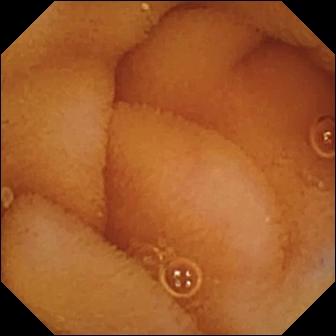- modality: VCE
- finding: normal clean mucosa